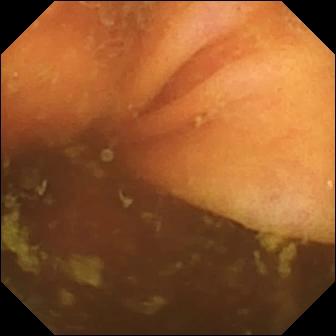PROCEDURE: Video capsule endoscopy.
VIDEO SEGMENT: Ileo-cecal valve region.